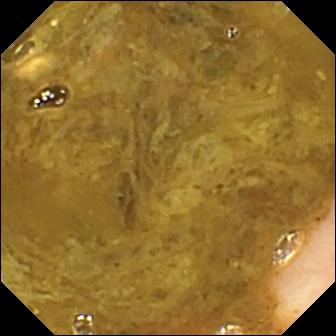Capsule endoscopy frame. Taken in the ileo-cecal valve region.